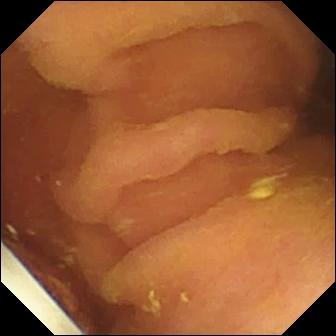modality: capsule endoscopy
impression: foreign body (e.g. retained capsule, tablet residue)